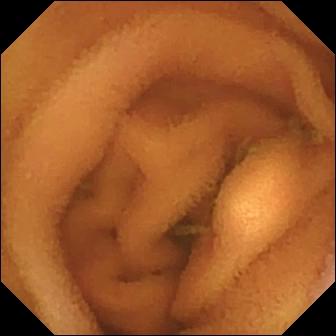This small-bowel capsule endoscopy image shows normal clean mucosa.